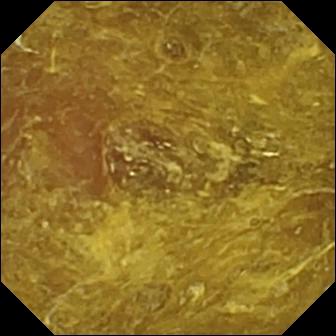Reduced mucosal view (content or bubbles obscuring the mucosa) — video capsule endoscopy image.